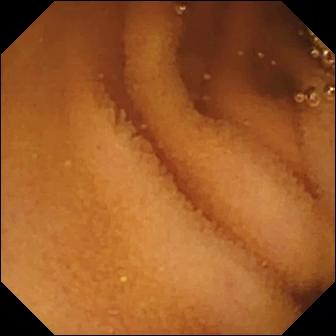- modality: wireless capsule endoscopy
- category: luminal finding
- finding: normal clean mucosa